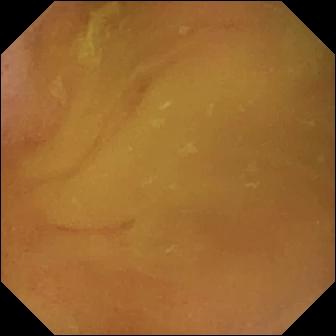PROCEDURE: WCE.
FINDINGS: Normal clean mucosa.